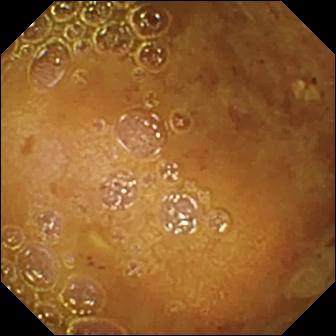This wireless capsule endoscopy frame of the small intestine shows reduced mucosal view (content or bubbles obscuring the mucosa).